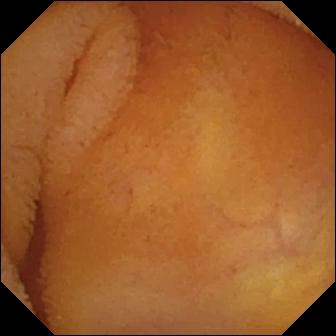Small-bowel capsule endoscopy — normal clean mucosa.